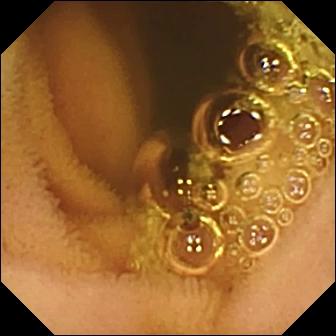Q: What does this video capsule endoscopy still show?
A: Normal clean mucosa.